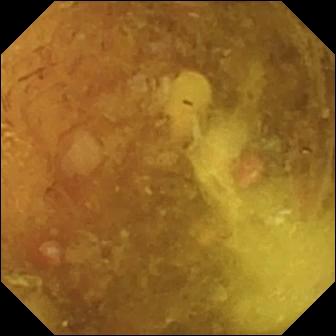- modality: wireless capsule endoscopy
- observation: reduced mucosal view (content or bubbles obscuring the mucosa)